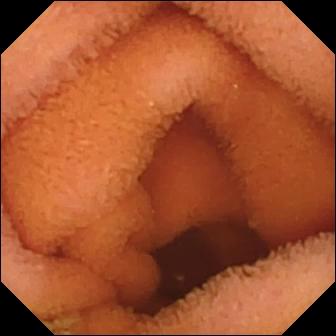modality: WCE | finding: normal clean mucosa